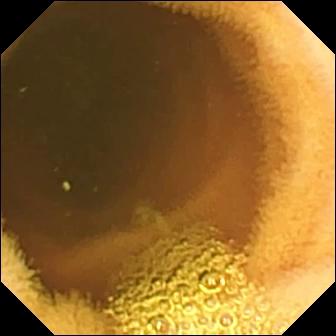Small-bowel capsule endoscopy view
Impression: normal clean mucosa